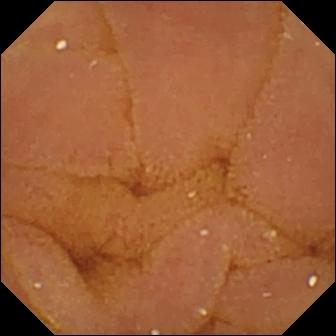This WCE frame of the small bowel shows normal clean mucosa.